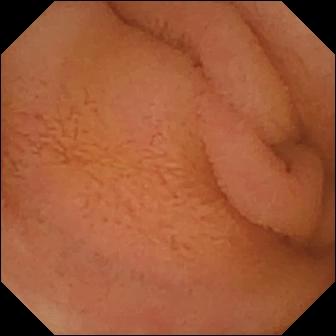- modality: WCE
- category: luminal finding
- observation: normal clean mucosa